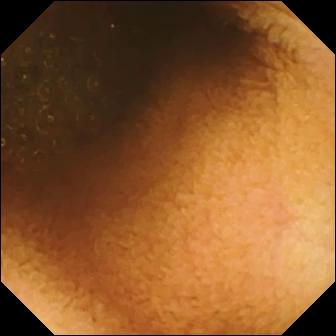This VCE view shows reduced mucosal view (content or bubbles obscuring the mucosa).